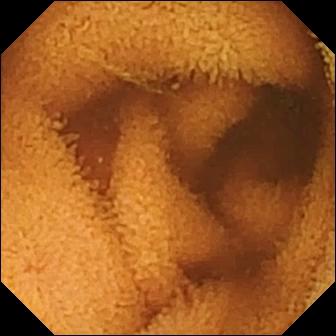Video capsule endoscopy — normal clean mucosa.